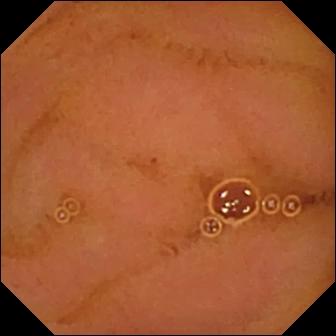Small-bowel capsule endoscopy. Label: normal clean mucosa.